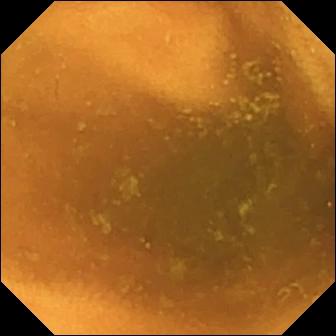WCE snapshot of the small bowel showing normal clean mucosa.